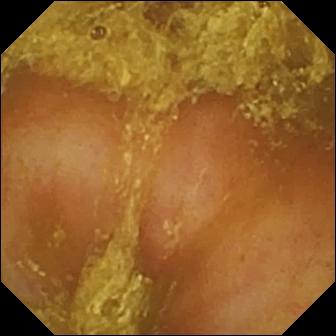Capsule endoscopy frame showing reduced mucosal view (content or bubbles obscuring the mucosa).